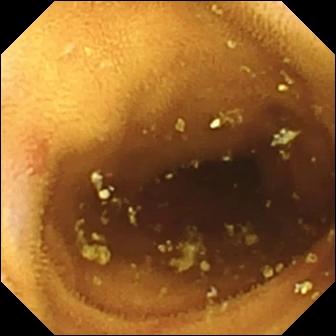PROCEDURE: VCE.
FINDINGS: Erosion.